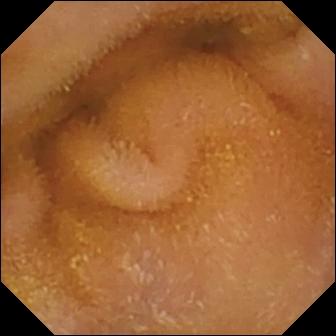Wireless capsule endoscopy. Small bowel. Impression: normal clean mucosa.